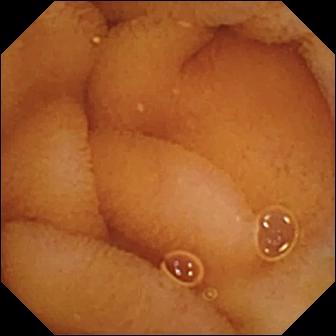PROCEDURE: Video capsule endoscopy.
SEGMENT: Small bowel.
FINDINGS: Normal clean mucosa.